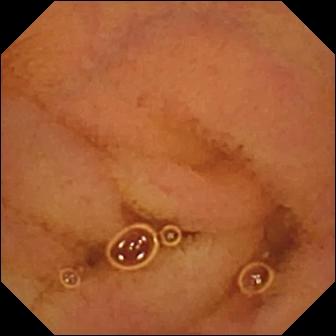Capsule endoscopy still (small intestine). Normal clean mucosa.